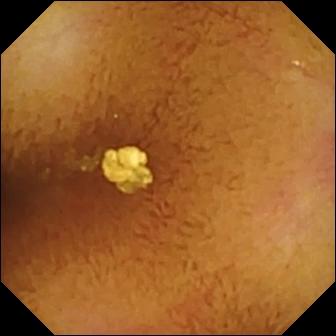Normal clean mucosa.